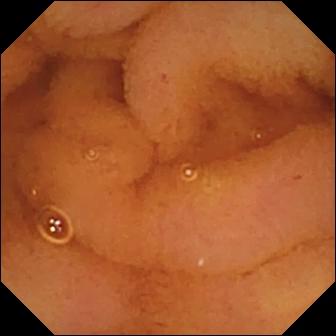Normal clean mucosa.